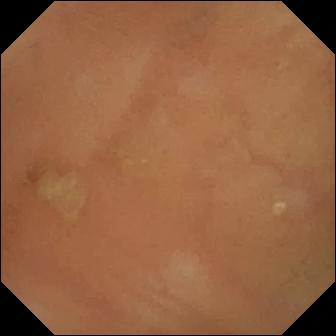Capsule endoscopy. Small intestine. Label: normal clean mucosa.